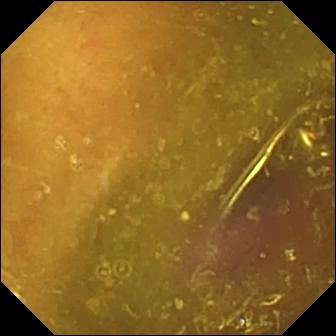Wireless capsule endoscopy still, small bowel
Impression: reduced mucosal view (content or bubbles obscuring the mucosa)